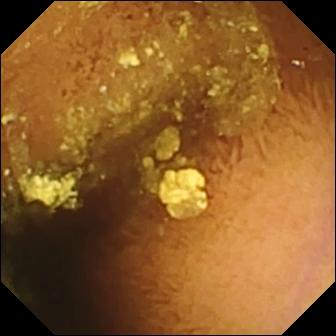This wireless capsule endoscopy view of the small bowel shows normal clean mucosa.